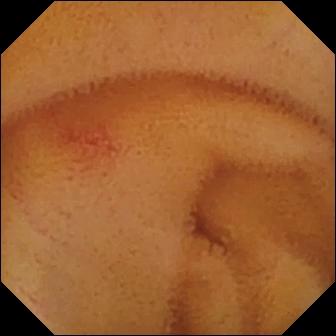Video capsule endoscopy. Luminal finding. Label: angiectasia.